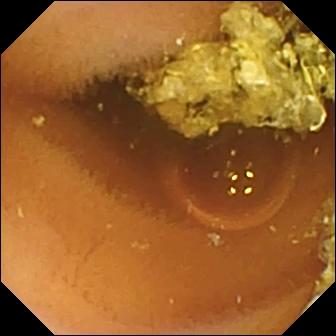modality: video capsule endoscopy; finding: normal clean mucosa